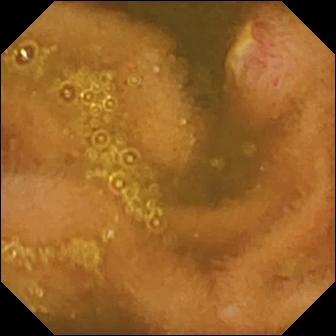VCE still
Finding: ulcer